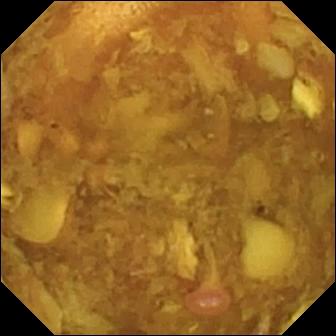{"modality": "VCE", "segment": "small intestine", "finding": "reduced mucosal view (content or bubbles obscuring the mucosa)"}